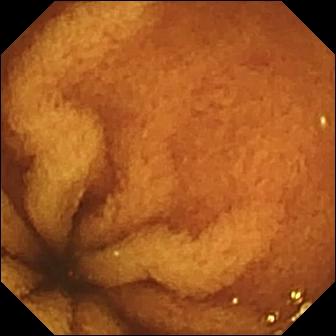PROCEDURE: VCE.
SEGMENT: Small intestine.
FINDINGS: Normal clean mucosa.